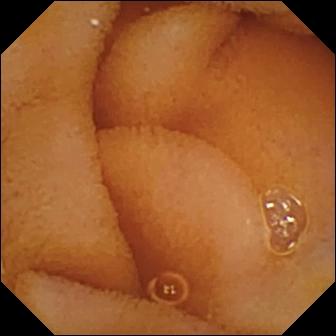This video capsule endoscopy frame of the small bowel shows normal clean mucosa.